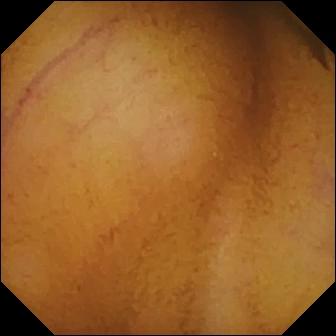Normal clean mucosa — WCE frame.